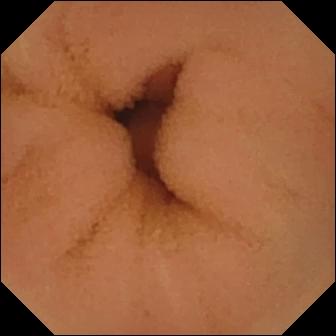This video capsule endoscopy image shows normal clean mucosa.